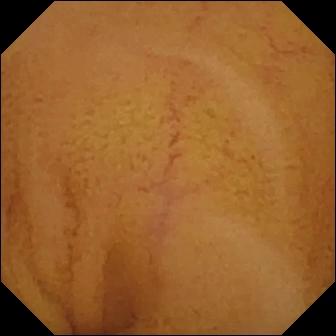- modality: video capsule endoscopy
- segment: small bowel
- impression: normal clean mucosa